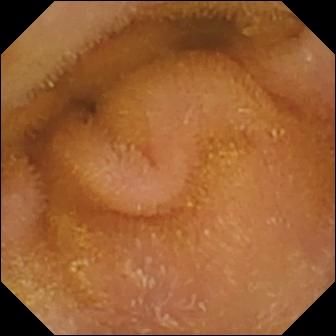Capsule endoscopy — normal clean mucosa.